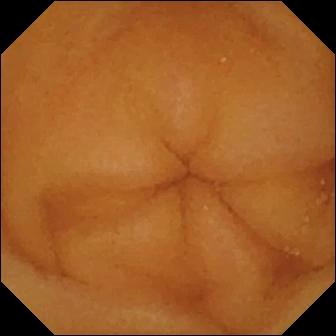Normal clean mucosa.